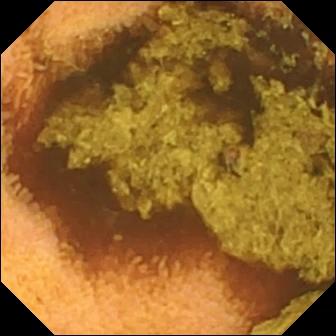modality: capsule endoscopy
segment: small intestine
observation: normal clean mucosa